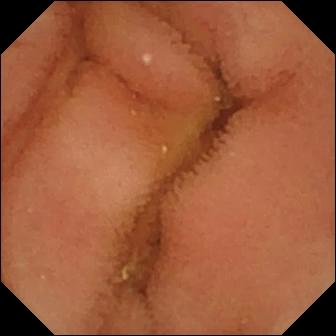This video capsule endoscopy view of the small bowel shows normal clean mucosa.